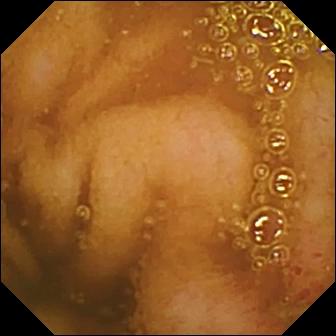WCE view. Erosion.